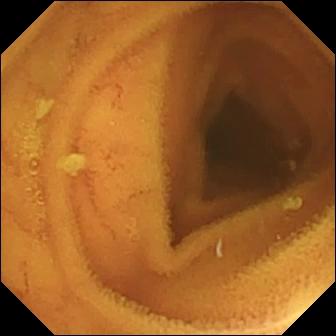Wireless capsule endoscopy view of the small intestine showing normal clean mucosa.